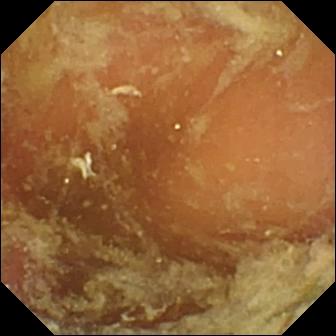Pylorus region (the junction between the stomach and the small bowel) — VCE image.